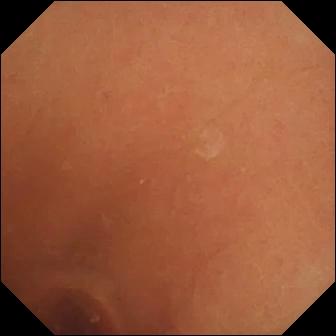PROCEDURE: Capsule endoscopy.
FINDINGS: Normal clean mucosa.